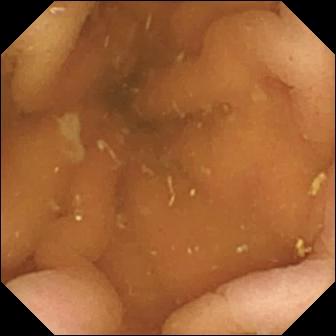- modality: video capsule endoscopy
- video segment: pylorus region (the junction between the stomach and the small bowel)